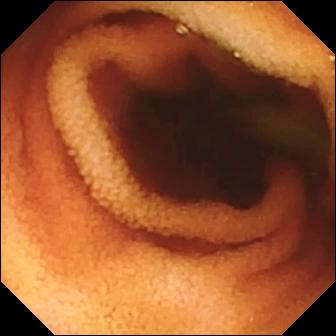- modality: capsule endoscopy
- category: anatomical landmark
- video segment: ileo-cecal valve region (where the capsule passes from the small bowel into the large bowel)